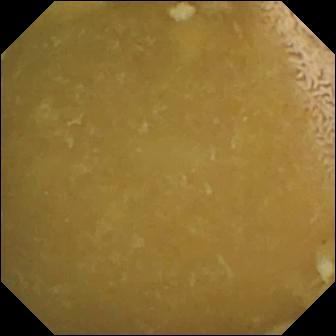modality: video capsule endoscopy
location: ileo-cecal valve region (where the capsule passes from the small bowel into the large bowel)